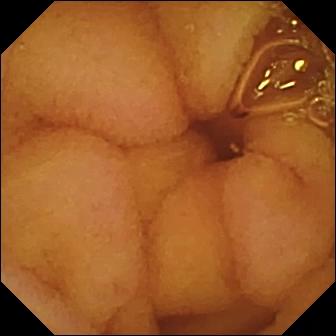Q: What does this capsule endoscopy still of the small bowel show?
A: Normal clean mucosa.